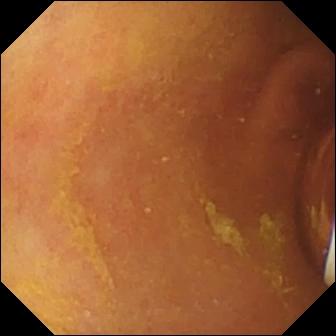WCE — foreign body (e.g. retained capsule, tablet residue).